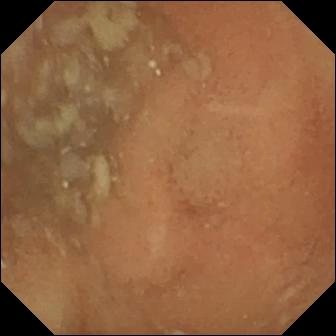Normal clean mucosa — wireless capsule endoscopy frame of the small intestine.